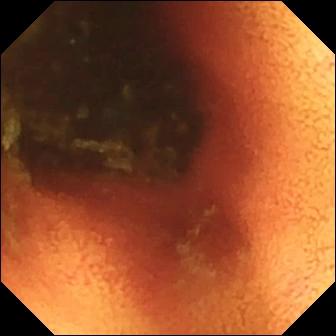Ileo-cecal valve region (where the capsule passes from the small bowel into the large bowel).